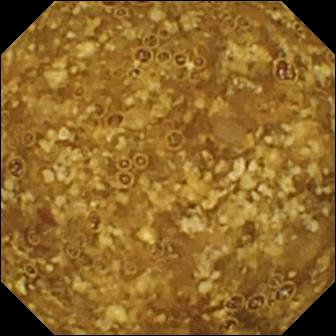Q: What does this small-bowel capsule endoscopy snapshot of the small intestine show?
A: Reduced mucosal view (content or bubbles obscuring the mucosa).